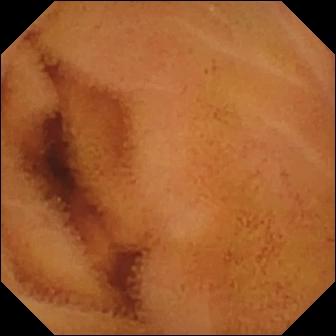Video capsule endoscopy — normal clean mucosa.